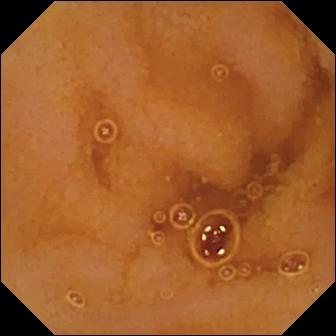WCE. Finding: normal clean mucosa.